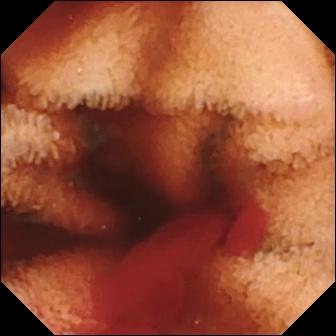Video capsule endoscopy still. Fresh blood in the lumen.